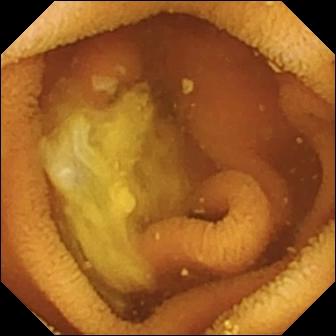This WCE still of the small bowel shows normal clean mucosa.